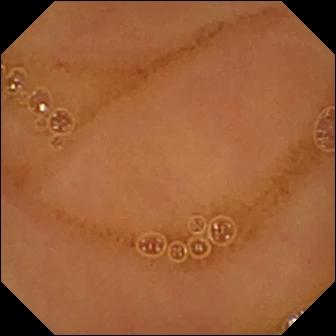Small-bowel capsule endoscopy — normal clean mucosa.